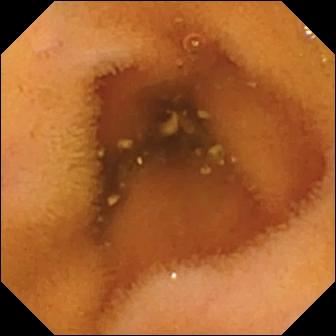This capsule endoscopy snapshot of the small bowel shows normal clean mucosa.